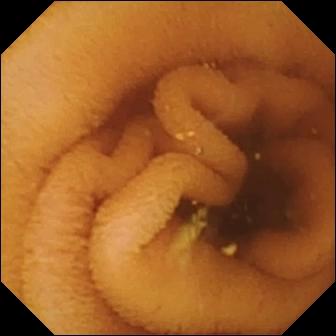Video capsule endoscopy view, small intestine
Observation: normal clean mucosa